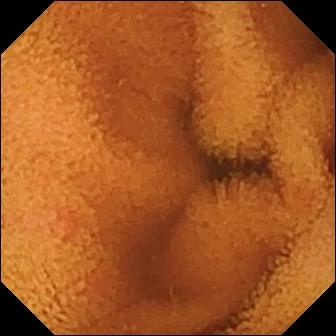Normal clean mucosa — capsule endoscopy view of the small bowel.